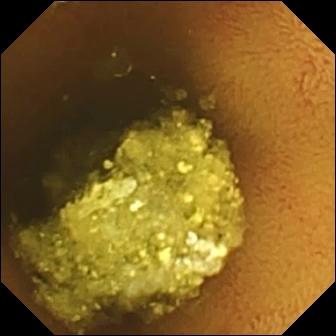Video capsule endoscopy. Label: normal clean mucosa.